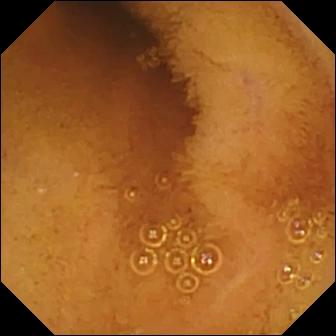This small-bowel capsule endoscopy image of the small bowel shows normal clean mucosa.